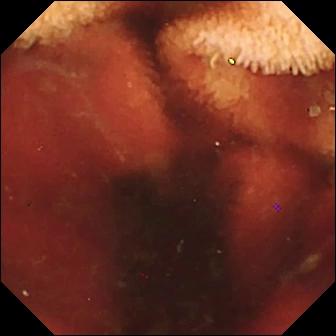Small-bowel capsule endoscopy image showing fresh blood in the lumen.